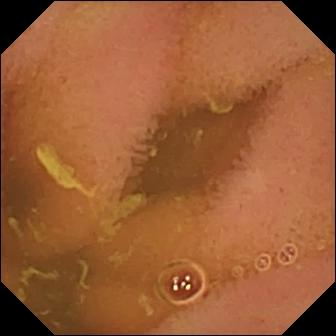This video capsule endoscopy view shows normal clean mucosa.